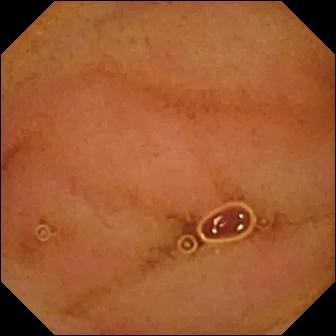Normal clean mucosa.